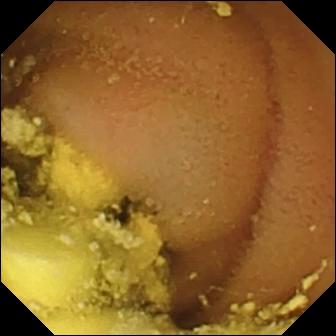Capsule endoscopy. Observation: foreign body (e.g. retained capsule, tablet residue).